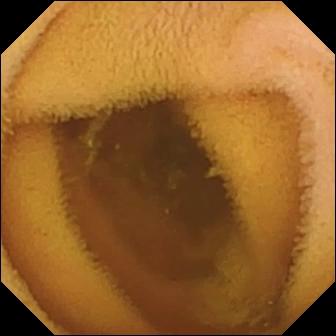{"modality": "wireless capsule endoscopy", "finding": "normal clean mucosa"}